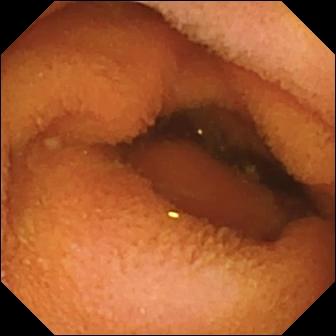Wireless capsule endoscopy. Finding: normal clean mucosa.